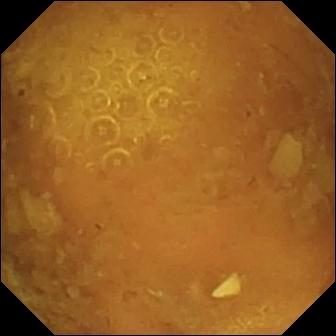Wireless capsule endoscopy image, 336×336. Reduced mucosal view (content or bubbles obscuring the mucosa).